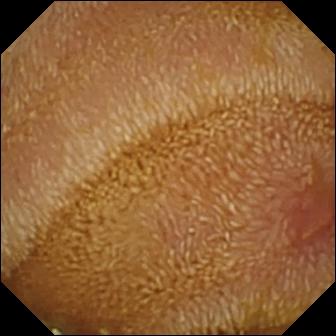PROCEDURE: VCE.
FINDINGS: Erosion.